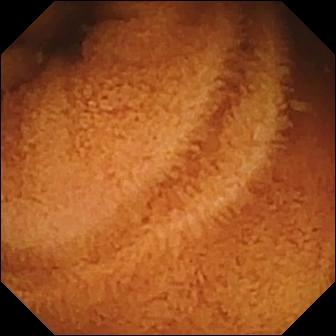VCE frame
Label: normal clean mucosa